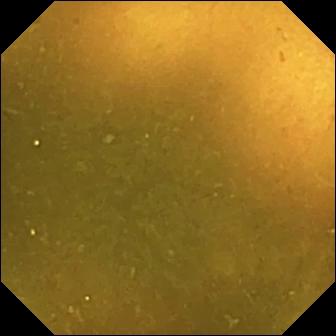VCE — ileo-cecal valve region (the transition from the small bowel to the large bowel).